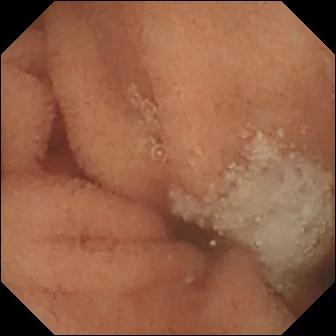Q: What does this wireless capsule endoscopy view show?
A: Normal clean mucosa.